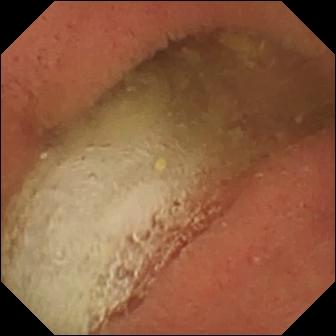Pylorus region (where the capsule passes from the stomach into the small bowel) — video capsule endoscopy image.